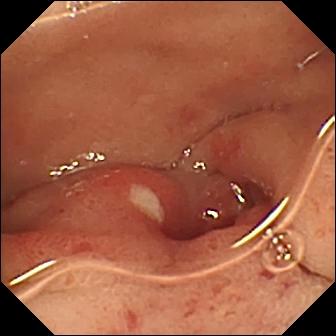Q: What does this capsule endoscopy view show?
A: Ulcer.